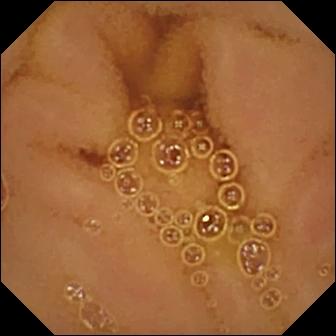WCE — normal clean mucosa.